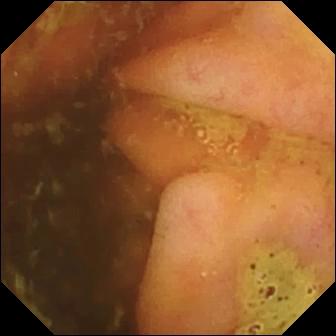- modality: wireless capsule endoscopy
- video segment: ileo-cecal valve region